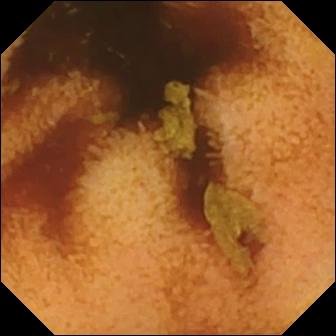{"modality": "wireless capsule endoscopy", "category": "luminal finding", "finding": "normal clean mucosa"}